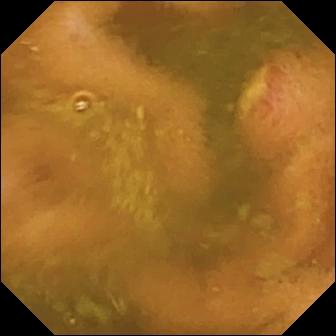{"modality": "wireless capsule endoscopy", "finding": "ulcer"}